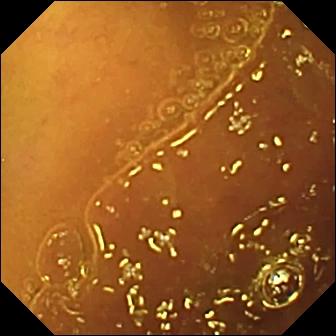Capsule endoscopy. Impression: normal clean mucosa.